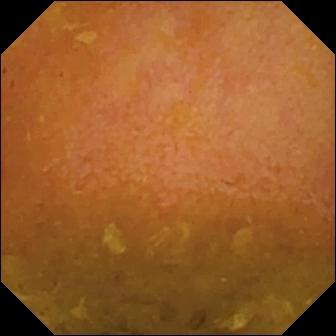{"modality": "capsule endoscopy", "category": "luminal finding", "finding": "reduced mucosal view (content or bubbles obscuring the mucosa)"}